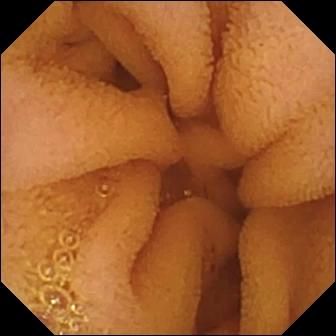VCE still, small bowel
Impression: normal clean mucosa